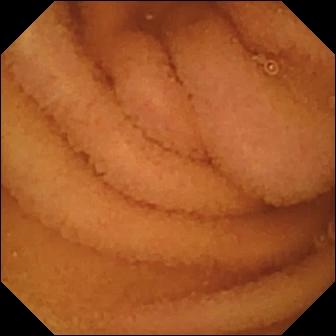- modality: VCE
- segment: small intestine
- category: luminal finding
- impression: normal clean mucosa